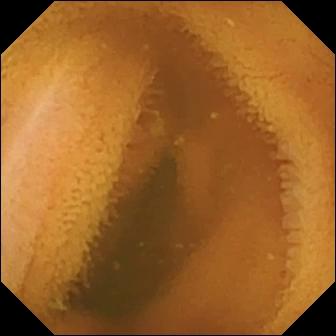PROCEDURE: Capsule endoscopy.
FINDINGS: Normal clean mucosa.